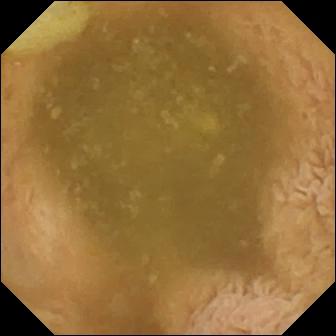modality: wireless capsule endoscopy; position: ileo-cecal valve region